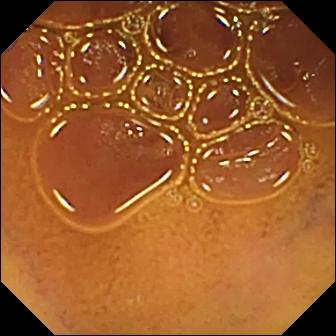modality: video capsule endoscopy | segment: small intestine | impression: normal clean mucosa